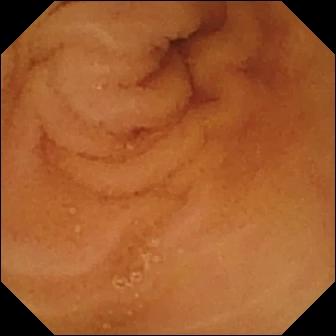Wireless capsule endoscopy frame (small intestine). Normal clean mucosa.